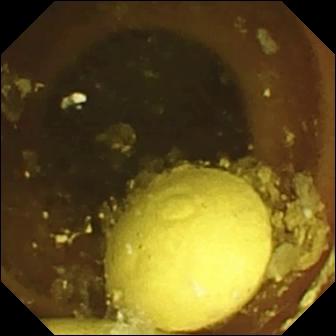Foreign body (e.g. retained capsule, tablet residue) — WCE frame.